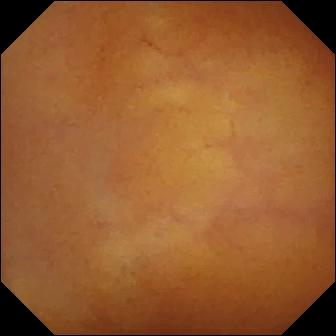WCE frame (small bowel). Normal clean mucosa.